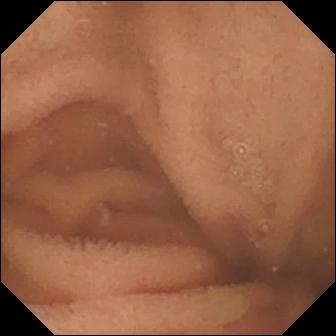Small-bowel capsule endoscopy — normal clean mucosa.